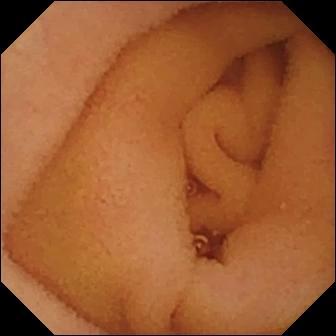modality: video capsule endoscopy; label: normal clean mucosa